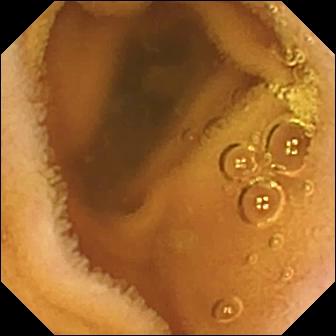- modality: wireless capsule endoscopy
- impression: normal clean mucosa